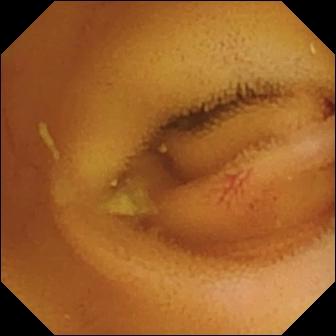Angiectasia.